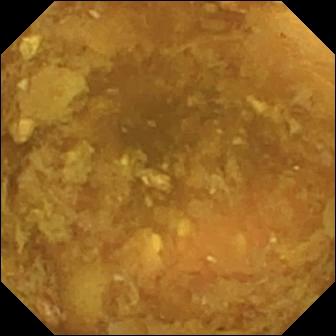PROCEDURE: VCE.
SEGMENT: Small intestine.
FINDINGS: Reduced mucosal view (content or bubbles obscuring the mucosa).